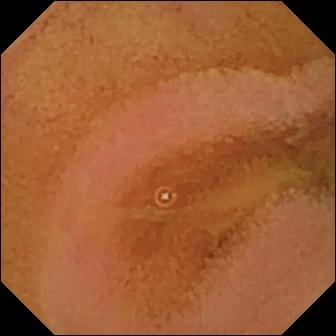This video capsule endoscopy still shows normal clean mucosa.